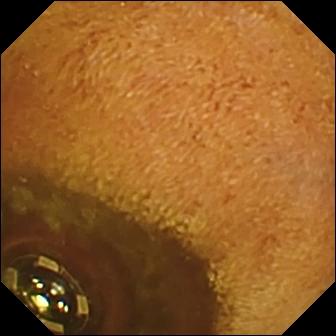Q: What does this VCE still show?
A: Foreign body (e.g. retained capsule, tablet residue).